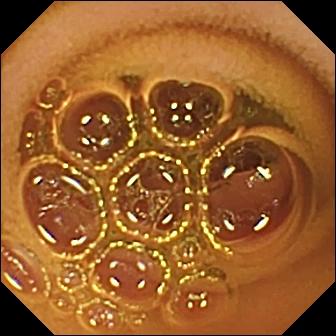Capsule endoscopy. Small bowel. Finding: normal clean mucosa.